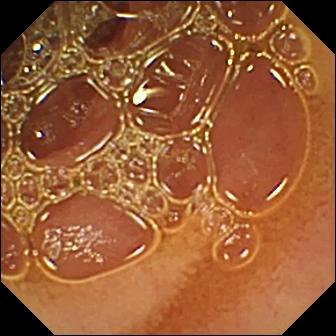modality: WCE | category: luminal finding | label: normal clean mucosa